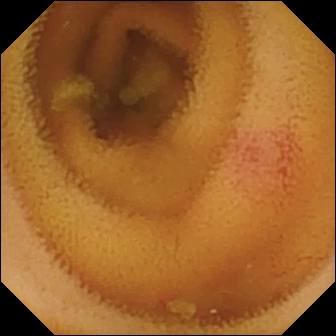Wireless capsule endoscopy frame. Angiectasia.